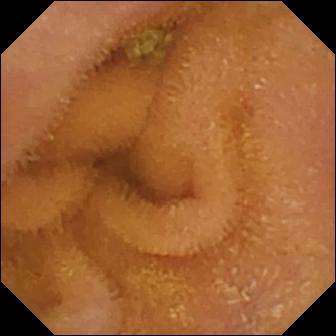Normal clean mucosa.